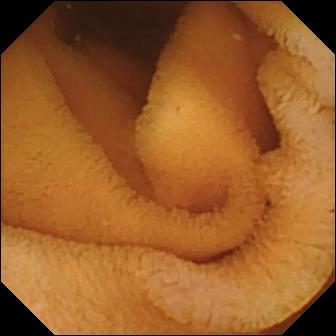{"modality": "small-bowel capsule endoscopy", "finding": "normal clean mucosa"}